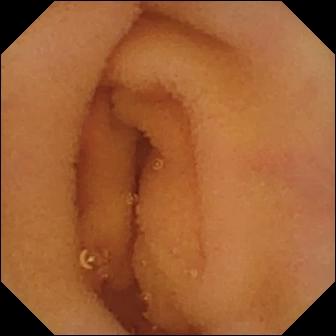modality: wireless capsule endoscopy
category: luminal finding
label: normal clean mucosa